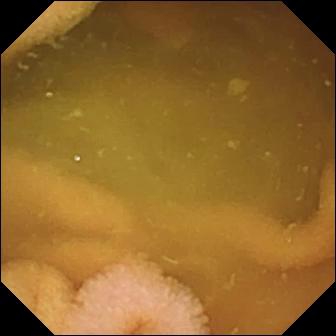PROCEDURE: VCE.
FINDINGS: Normal clean mucosa.